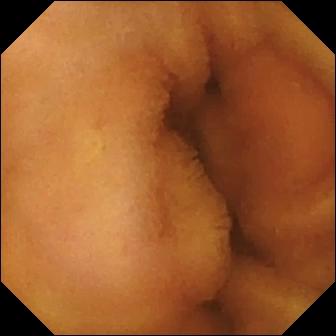Capsule endoscopy snapshot of the small intestine showing normal clean mucosa.